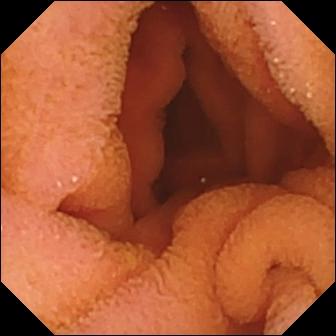PROCEDURE: Wireless capsule endoscopy.
FINDINGS: Normal clean mucosa.